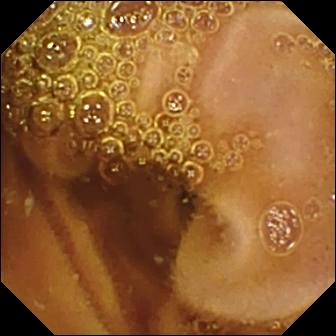Normal clean mucosa — capsule endoscopy still.